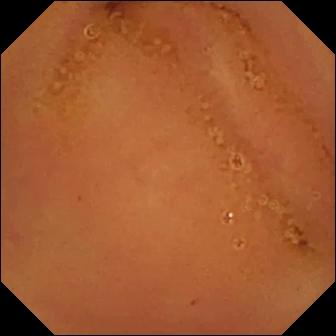Normal clean mucosa (336×336).